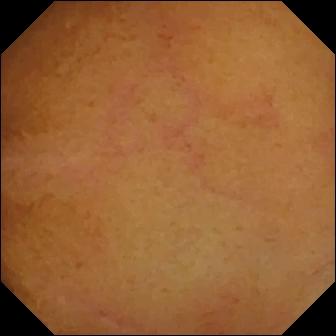- modality: video capsule endoscopy
- segment: small bowel
- label: normal clean mucosa